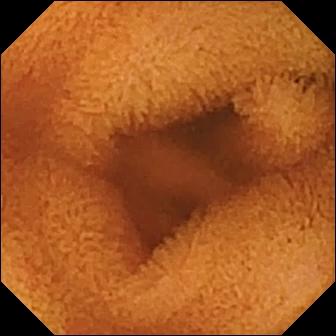PROCEDURE: WCE.
SEGMENT: Small intestine.
FINDINGS: Normal clean mucosa.